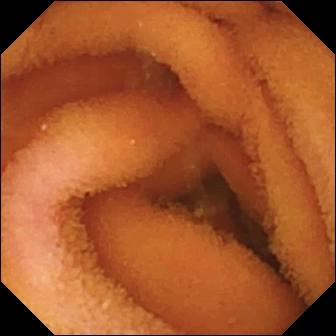Small-bowel capsule endoscopy view of the small intestine showing normal clean mucosa.